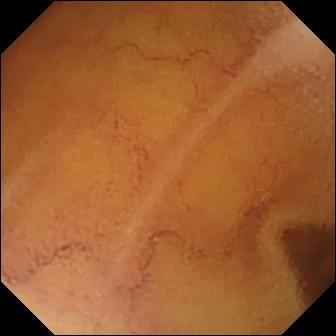VCE snapshot, small bowel
Impression: normal clean mucosa